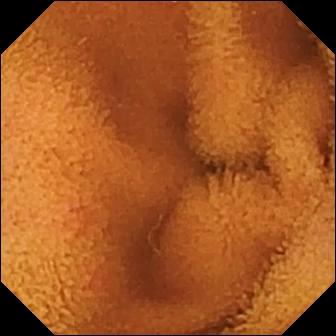Q: What does this VCE view of the small bowel show?
A: Normal clean mucosa.